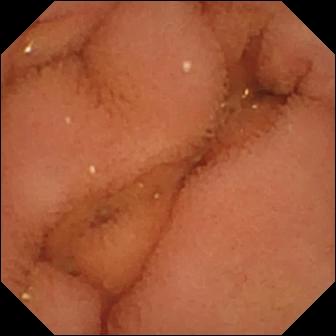This wireless capsule endoscopy snapshot shows normal clean mucosa.